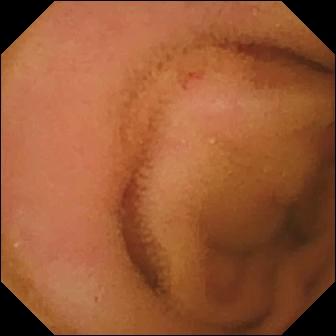PROCEDURE: Video capsule endoscopy.
FINDINGS: Normal clean mucosa.